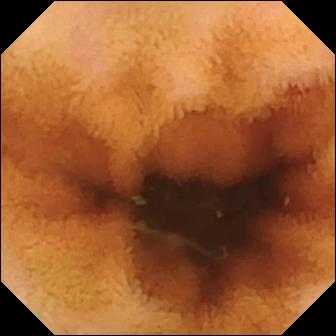This video capsule endoscopy frame shows normal clean mucosa.